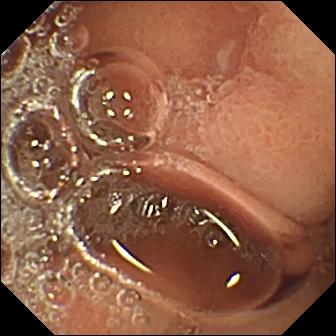Capsule endoscopy snapshot showing erosion.